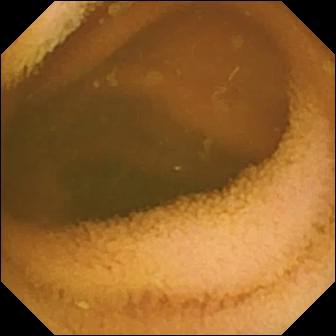Q: What does this WCE image of the small bowel show?
A: Normal clean mucosa.